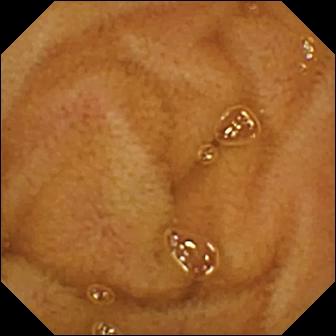Wireless capsule endoscopy view, small bowel
Label: normal clean mucosa